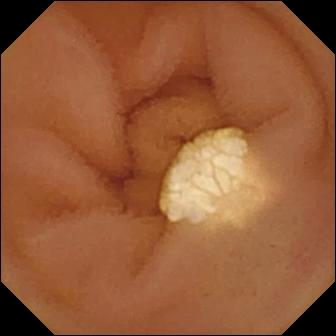PROCEDURE: Wireless capsule endoscopy.
FINDINGS: Lymphangiectasia.